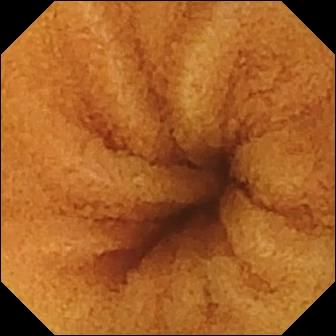This wireless capsule endoscopy snapshot shows normal clean mucosa.